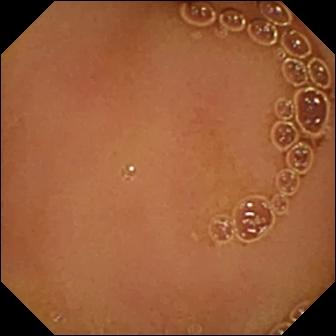Capsule endoscopy — normal clean mucosa.